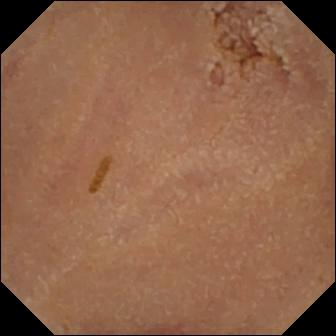{"modality": "VCE", "category": "luminal finding", "finding": "normal clean mucosa"}